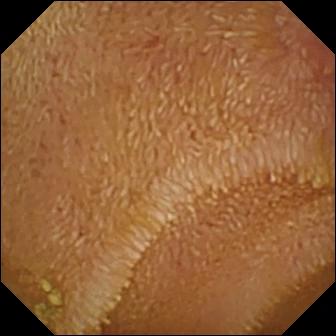Capsule endoscopy image, 336×336. Erosion.